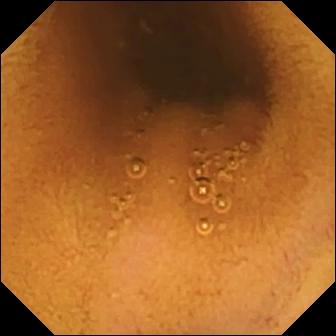Q: What does this WCE frame of the small intestine show?
A: Normal clean mucosa.